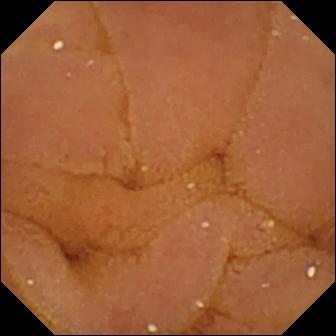Normal clean mucosa — WCE snapshot of the small intestine.